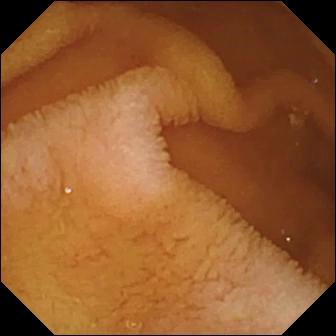VCE snapshot of the small bowel showing normal clean mucosa.